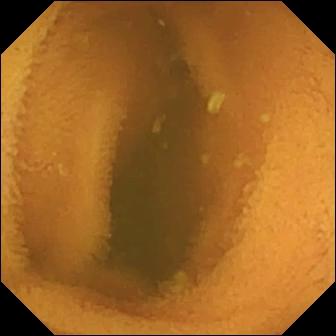Q: What does this VCE frame show?
A: Normal clean mucosa.